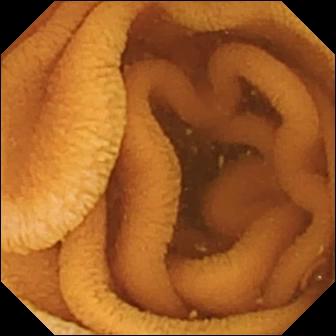- modality: wireless capsule endoscopy
- impression: normal clean mucosa